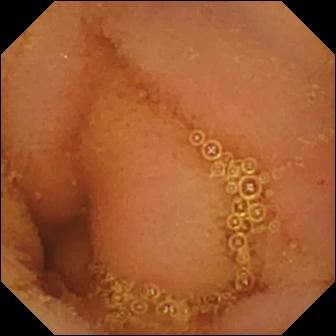This video capsule endoscopy snapshot of the small intestine shows normal clean mucosa.